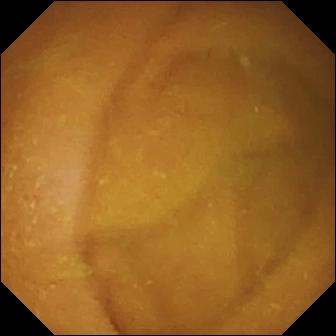Small-bowel capsule endoscopy — normal clean mucosa.